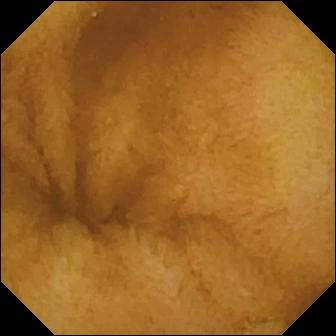VCE still of the small intestine showing normal clean mucosa.